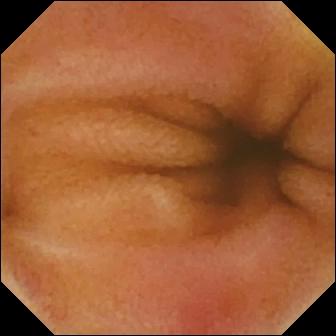Erythema (mucosal redness) — capsule endoscopy image.